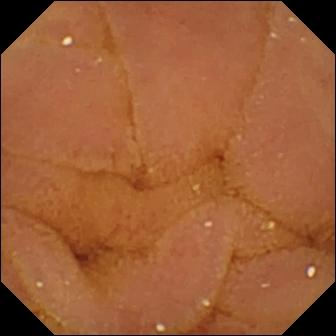VCE — normal clean mucosa.